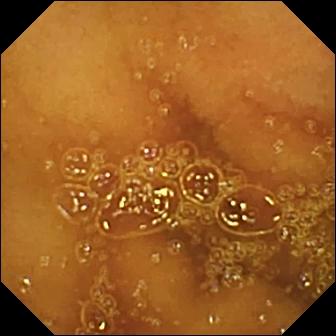VCE image
Observation: normal clean mucosa